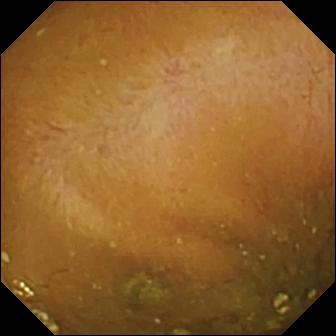VCE still showing reduced mucosal view (content or bubbles obscuring the mucosa).